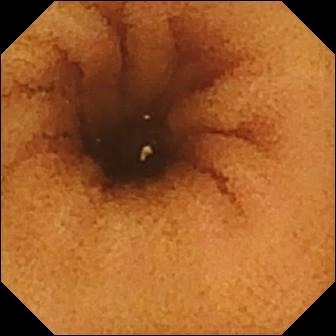modality: capsule endoscopy
category: luminal finding
observation: normal clean mucosa